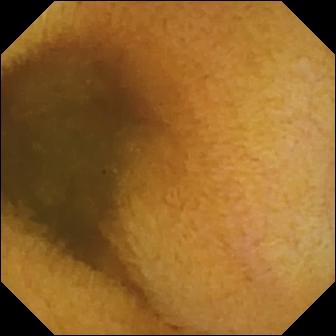Video capsule endoscopy snapshot showing normal clean mucosa.